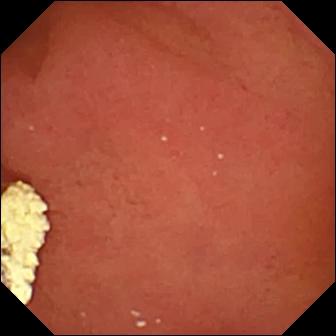This wireless capsule endoscopy frame was taken in the pylorus region (the junction between the stomach and the small bowel).